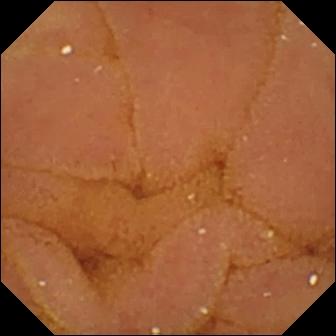PROCEDURE: WCE.
FINDINGS: Normal clean mucosa.